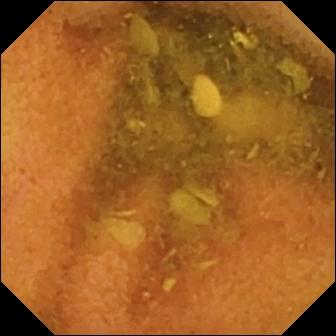Q: What does this VCE snapshot of the small bowel show?
A: Normal clean mucosa.